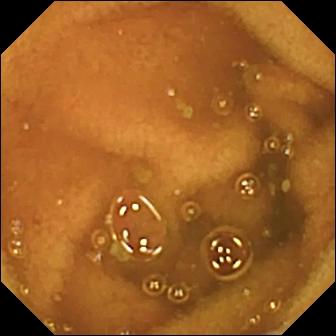Normal clean mucosa.